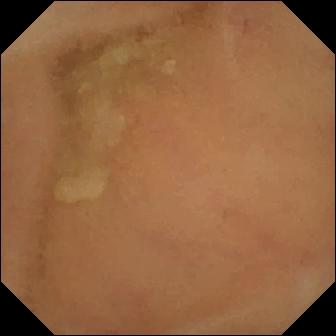Normal clean mucosa — wireless capsule endoscopy frame of the small bowel.